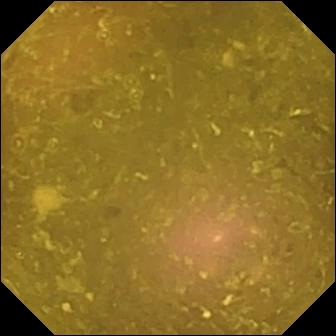VCE — reduced mucosal view (content or bubbles obscuring the mucosa).